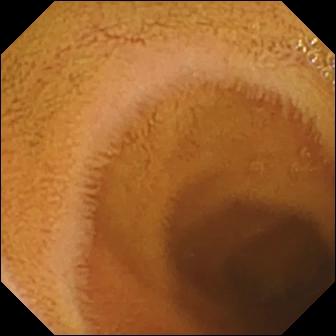Wireless capsule endoscopy snapshot (small intestine). Normal clean mucosa.